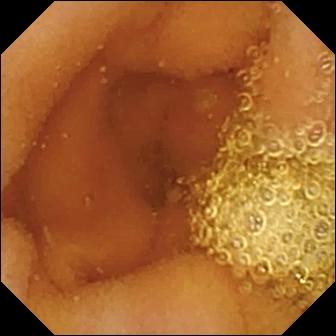Small-bowel capsule endoscopy frame
Observation: normal clean mucosa